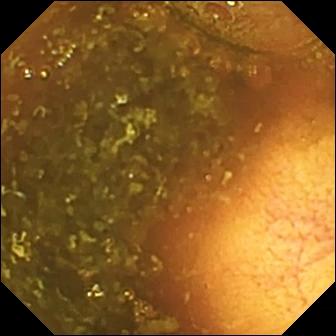This wireless capsule endoscopy still was taken in the ileo-cecal valve region.